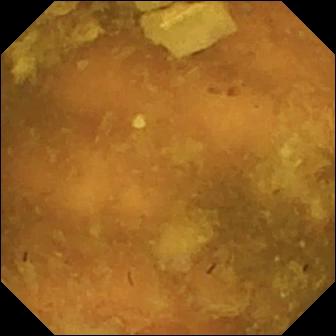Wireless capsule endoscopy image (small intestine). Reduced mucosal view (content or bubbles obscuring the mucosa).